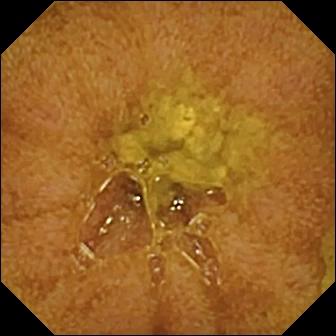modality: wireless capsule endoscopy; label: ileo-cecal valve region